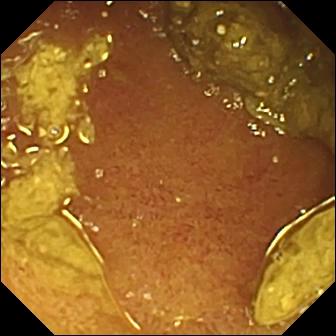Wireless capsule endoscopy snapshot
Position: ileo-cecal valve region